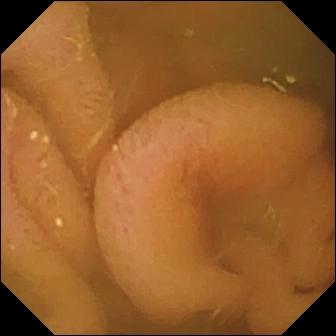{"modality": "wireless capsule endoscopy", "segment": "small bowel", "category": "luminal finding", "finding": "normal clean mucosa"}